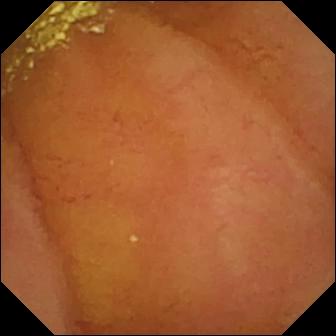Q: What does this wireless capsule endoscopy view of the small bowel show?
A: Normal clean mucosa.